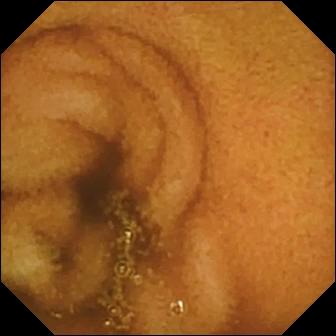Capsule endoscopy frame. Normal clean mucosa.